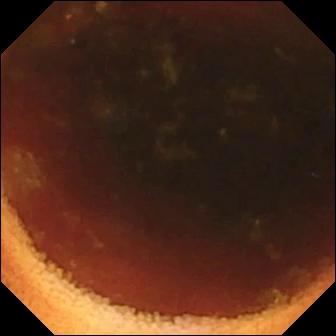WCE image. Taken in the ileo-cecal valve region (where the capsule passes from the small bowel into the large bowel).